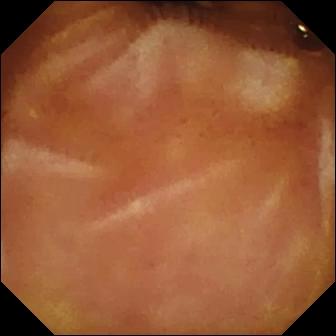PROCEDURE: Capsule endoscopy.
FINDINGS: Normal clean mucosa.